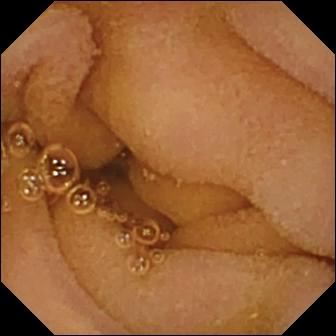This VCE still shows normal clean mucosa.